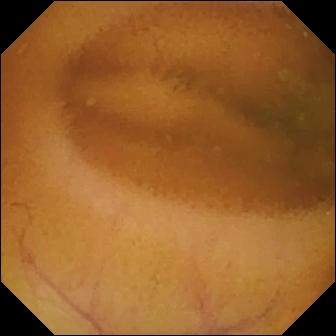Q: What does this wireless capsule endoscopy still of the small intestine show?
A: Normal clean mucosa.